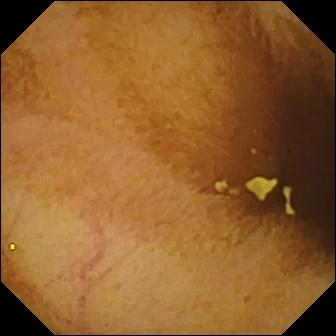Small-bowel capsule endoscopy image
Finding: normal clean mucosa